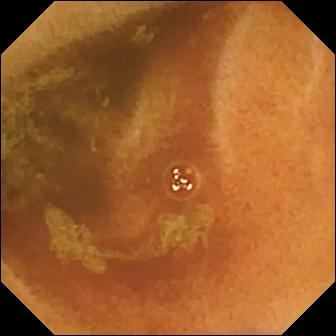Capsule endoscopy. Finding: normal clean mucosa.